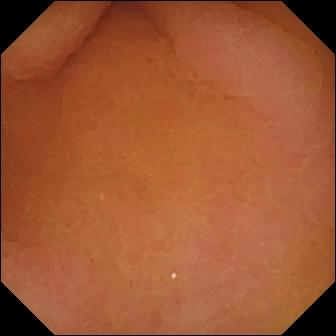{"modality": "video capsule endoscopy", "video_segment": "pylorus region (the junction between the stomach and the small bowel)"}